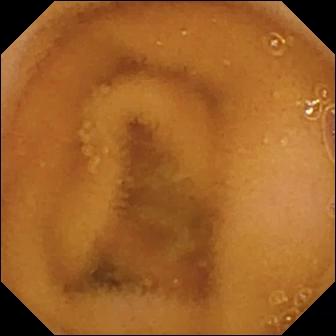Video capsule endoscopy. Small intestine. Observation: normal clean mucosa.